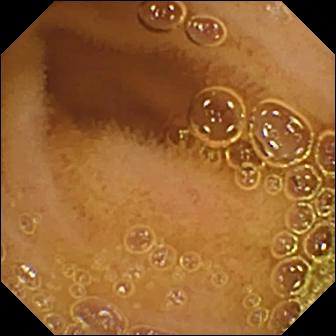Video capsule endoscopy snapshot, 336×336. Normal clean mucosa.